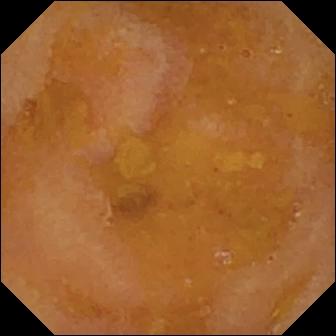Reduced mucosal view (content or bubbles obscuring the mucosa) (336×336).